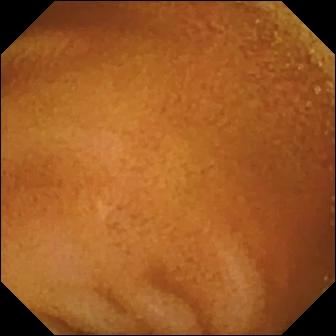This video capsule endoscopy frame shows normal clean mucosa.